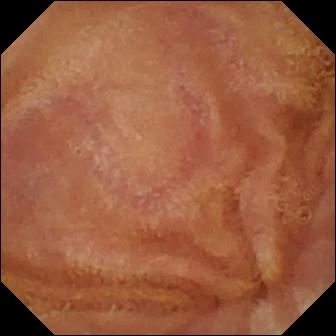Video capsule endoscopy view showing normal clean mucosa.